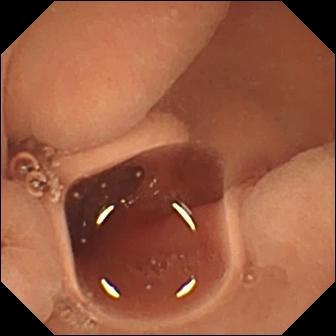- modality: WCE
- impression: normal clean mucosa